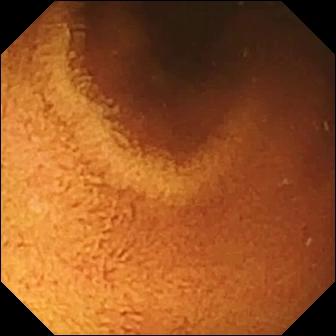Small-bowel capsule endoscopy snapshot showing normal clean mucosa.